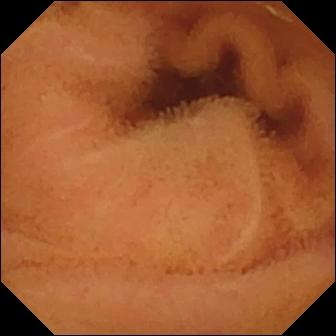Video capsule endoscopy. Small intestine. Luminal finding. Label: normal clean mucosa.